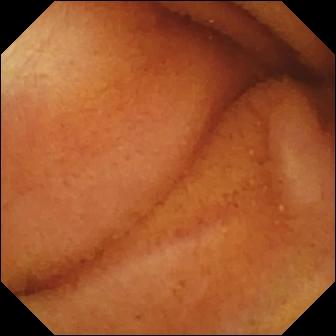- modality: wireless capsule endoscopy
- category: luminal finding
- label: normal clean mucosa